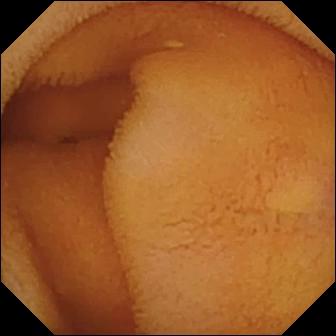WCE view (small bowel). Normal clean mucosa.